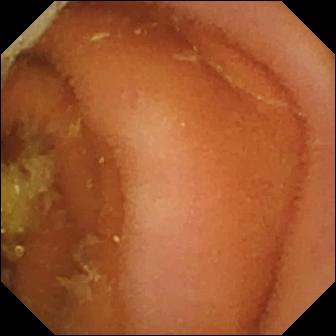WCE image (small bowel). Normal clean mucosa.